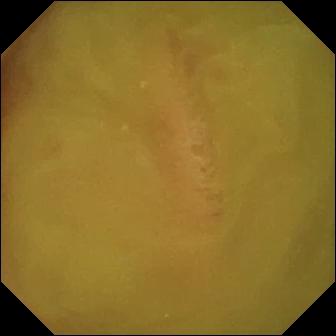Wireless capsule endoscopy. Small intestine. Luminal finding. Finding: normal clean mucosa.